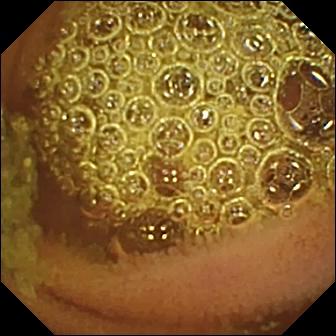Capsule endoscopy. Label: normal clean mucosa.